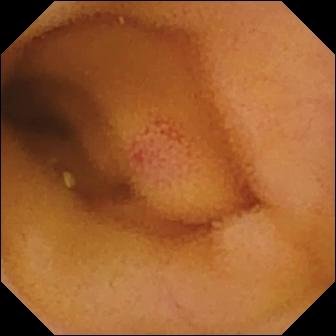WCE frame
Label: angiectasia